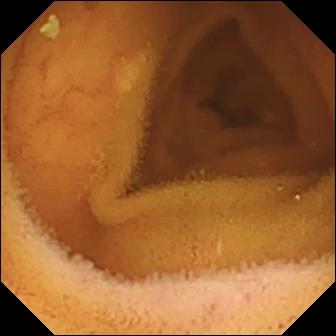PROCEDURE: VCE.
SEGMENT: Small intestine.
FINDINGS: Normal clean mucosa.